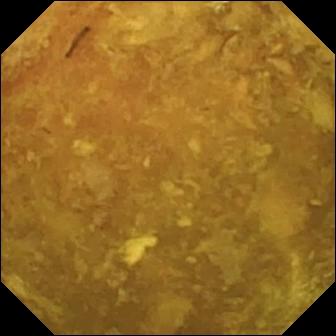Wireless capsule endoscopy. Impression: reduced mucosal view (content or bubbles obscuring the mucosa).